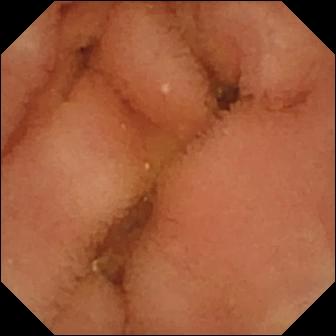WCE. Small bowel. Observation: normal clean mucosa.